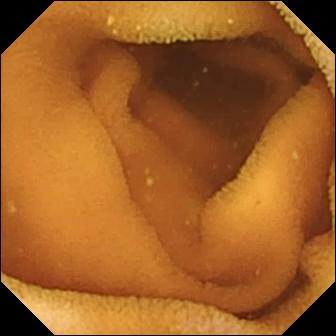PROCEDURE: Capsule endoscopy.
FINDINGS: Normal clean mucosa.